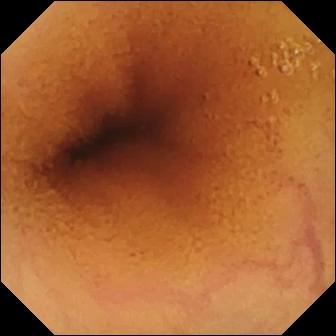modality: small-bowel capsule endoscopy
segment: small bowel
category: luminal finding
label: normal clean mucosa